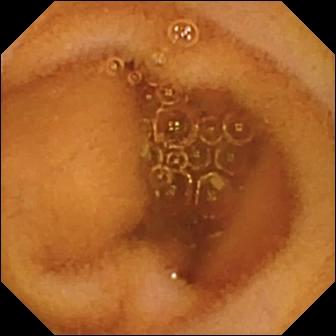Q: What does this small-bowel capsule endoscopy frame show?
A: Normal clean mucosa.